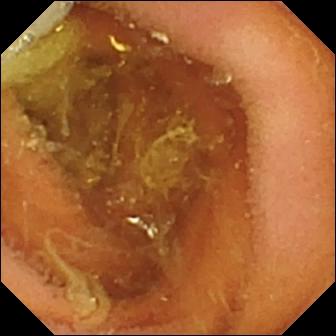{"modality": "small-bowel capsule endoscopy", "finding": "normal clean mucosa"}